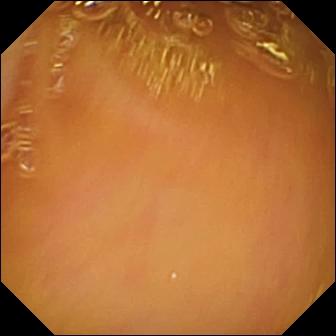Capsule endoscopy still (small intestine), 336×336. Normal clean mucosa.